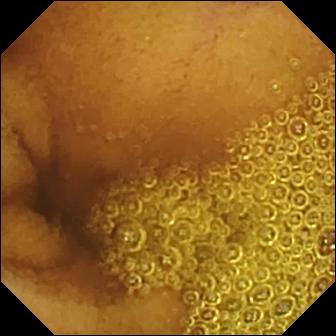PROCEDURE: Video capsule endoscopy.
SEGMENT: Small intestine.
FINDINGS: Normal clean mucosa.